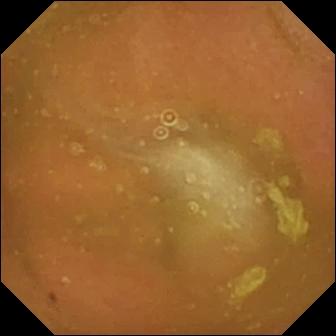Normal clean mucosa — video capsule endoscopy image.